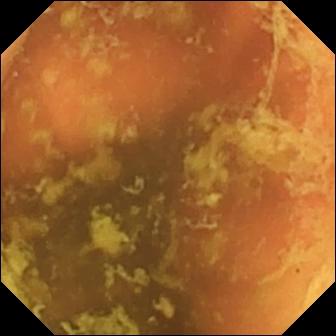{"modality": "VCE", "location": "ileo-cecal valve region (the transition from the small bowel to the large bowel)"}